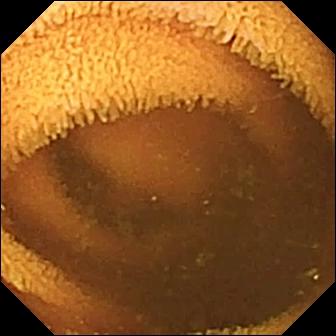- modality: WCE
- finding: normal clean mucosa